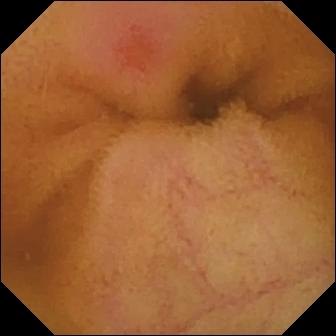Q: What does this small-bowel capsule endoscopy frame show?
A: Erythema (mucosal redness).